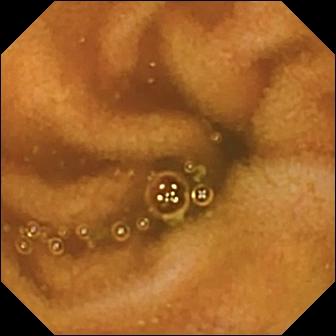Normal clean mucosa — VCE view.